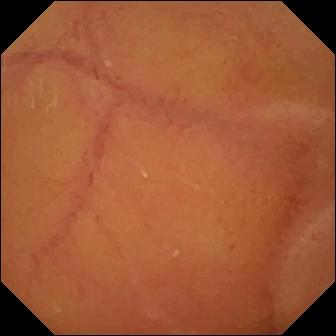PROCEDURE: Video capsule endoscopy.
FINDINGS: Normal clean mucosa.